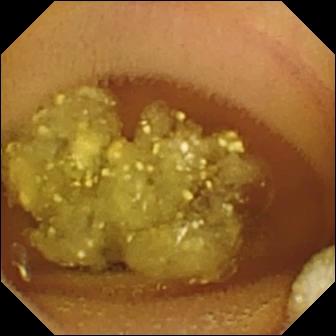{"modality": "WCE", "finding": "lymphangiectasia"}